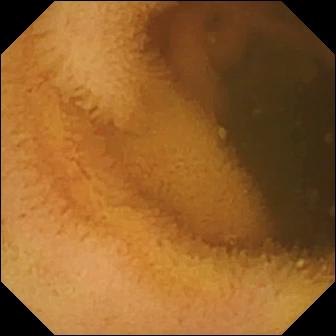Q: What does this VCE snapshot show?
A: Normal clean mucosa.